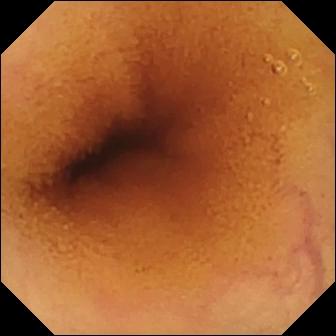VCE still showing normal clean mucosa.